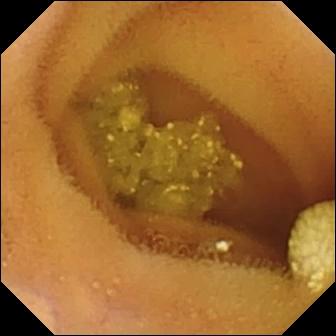Small-bowel capsule endoscopy view. Lymphangiectasia.